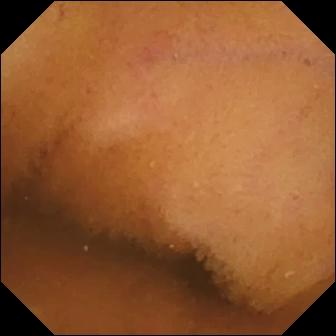modality: video capsule endoscopy
segment: small bowel
category: luminal finding
observation: normal clean mucosa